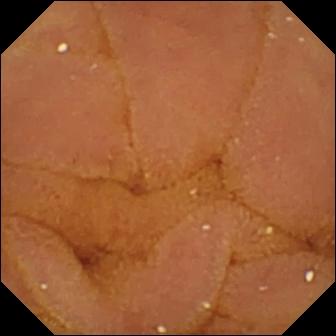Small-bowel capsule endoscopy snapshot, small bowel
Observation: normal clean mucosa